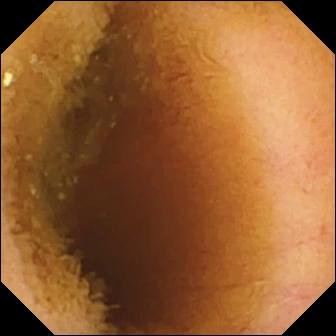Capsule endoscopy. Luminal finding. Label: normal clean mucosa.